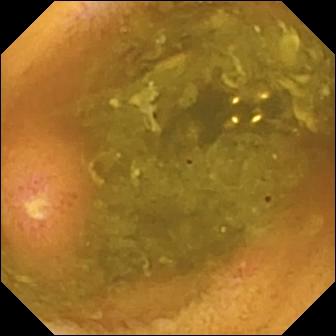Ulcer — WCE snapshot.